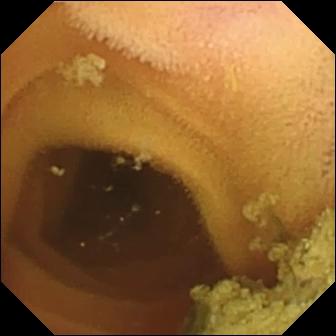Small-bowel capsule endoscopy still. Normal clean mucosa.